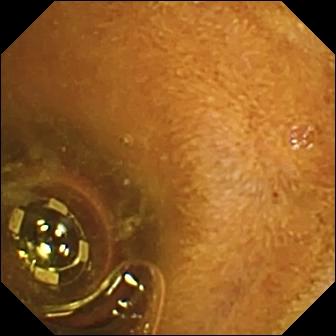Q: What does this video capsule endoscopy still show?
A: Foreign body (e.g. retained capsule, tablet residue).